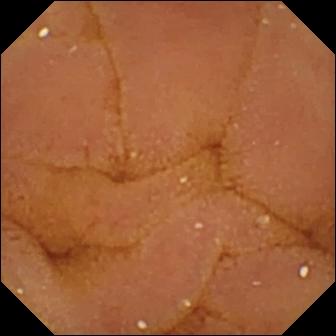modality: capsule endoscopy | label: normal clean mucosa